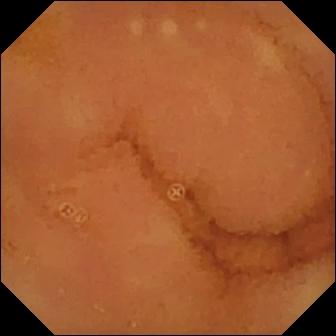WCE frame (small bowel). Normal clean mucosa.